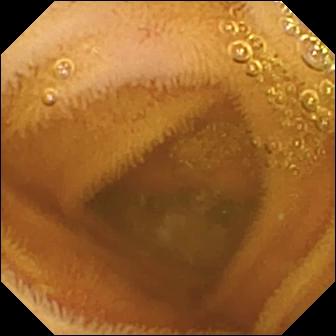modality: VCE
label: normal clean mucosa